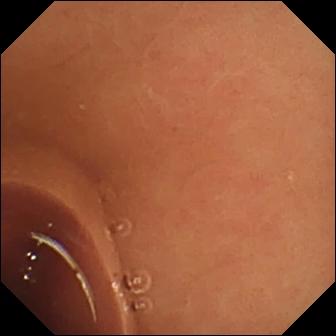modality: VCE
category: luminal finding
impression: normal clean mucosa